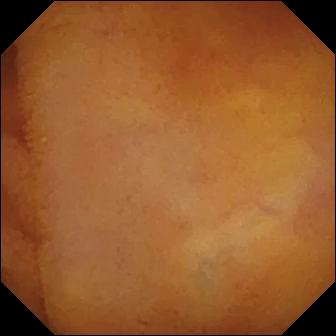VCE. Luminal finding. Observation: normal clean mucosa.